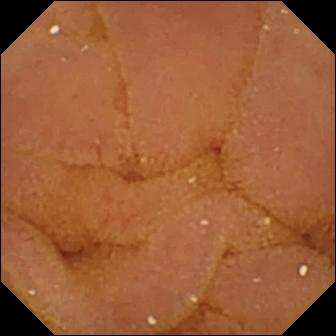Normal clean mucosa — video capsule endoscopy view.